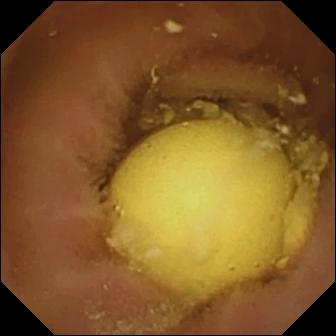Foreign body (e.g. retained capsule, tablet residue) (336×336).